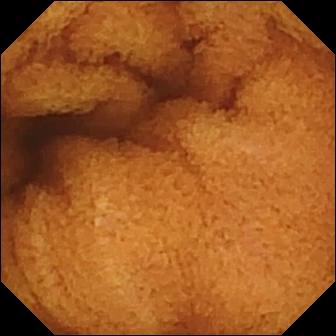Normal clean mucosa — VCE image of the small intestine.